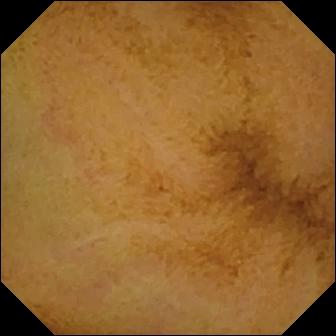PROCEDURE: Small-bowel capsule endoscopy.
SEGMENT: Small bowel.
FINDINGS: Normal clean mucosa.